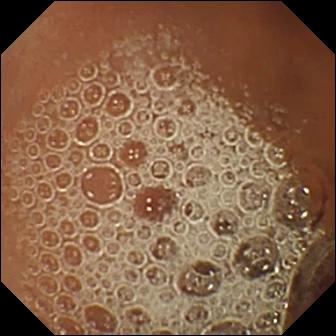Q: What does this wireless capsule endoscopy image show?
A: Normal clean mucosa.